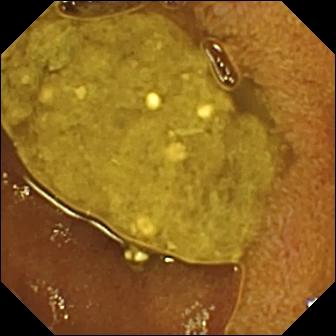Ileo-cecal valve region, 336×336.